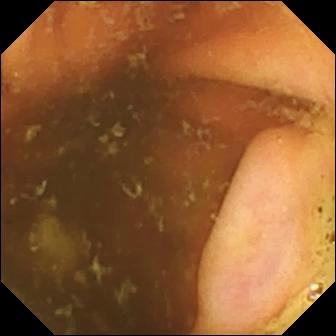- modality: small-bowel capsule endoscopy
- video segment: ileo-cecal valve region (the transition from the small bowel to the large bowel)